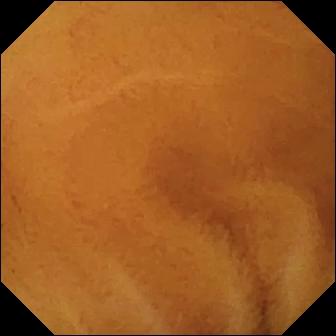WCE view
Label: normal clean mucosa